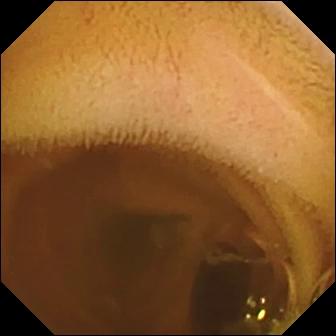- modality: small-bowel capsule endoscopy
- segment: small intestine
- finding: normal clean mucosa